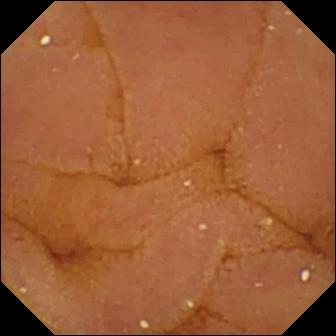Video capsule endoscopy — normal clean mucosa.